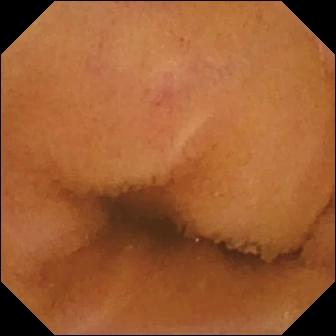modality: WCE
segment: small intestine
label: normal clean mucosa